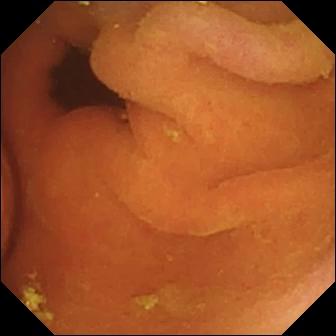Wireless capsule endoscopy frame
Label: foreign body (e.g. retained capsule, tablet residue)